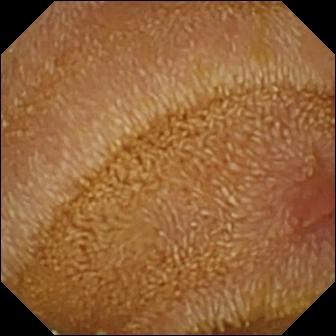Wireless capsule endoscopy. Observation: erosion.